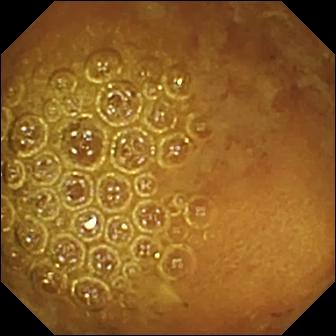PROCEDURE: Wireless capsule endoscopy.
FINDINGS: Reduced mucosal view (content or bubbles obscuring the mucosa).